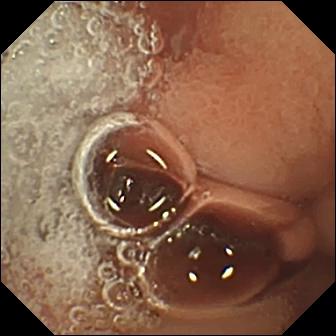{"modality": "small-bowel capsule endoscopy", "category": "luminal finding", "finding": "erosion"}